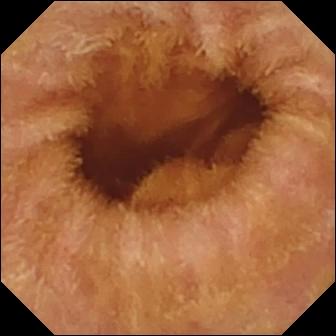PROCEDURE: VCE.
FINDINGS: Normal clean mucosa.